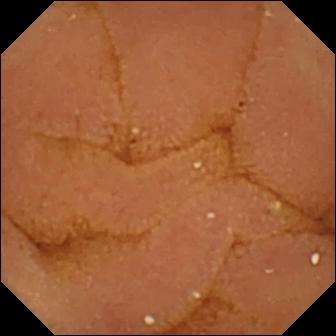VCE view, small bowel
Observation: normal clean mucosa